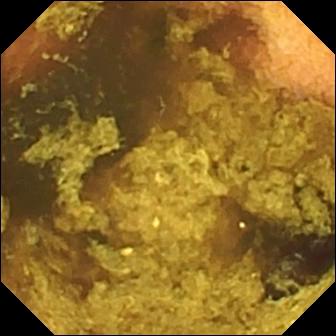This small-bowel capsule endoscopy still of the small intestine shows normal clean mucosa.